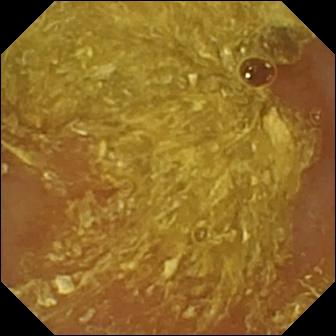WCE image, small intestine
Finding: reduced mucosal view (content or bubbles obscuring the mucosa)